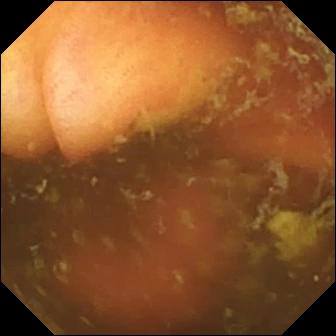Q: Where in the digestive tract was this VCE view taken?
A: Ileo-cecal valve region (where the capsule passes from the small bowel into the large bowel).